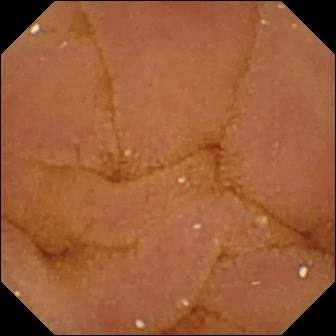Normal clean mucosa — video capsule endoscopy frame.